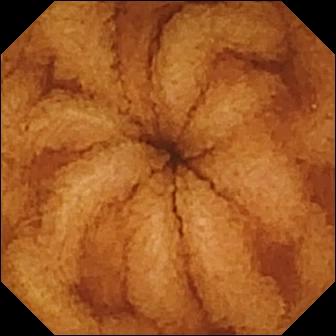{"modality": "video capsule endoscopy", "segment": "small bowel", "category": "luminal finding", "finding": "normal clean mucosa"}